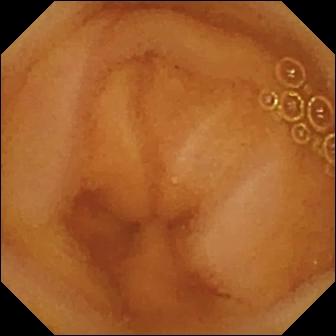Small-bowel capsule endoscopy view, 336×336. Normal clean mucosa.